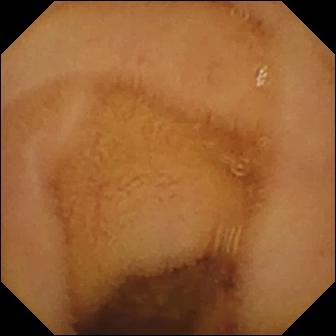{"modality": "video capsule endoscopy", "finding": "normal clean mucosa"}